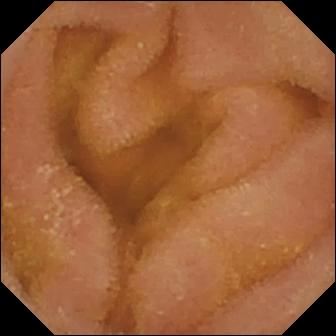Normal clean mucosa — WCE snapshot.